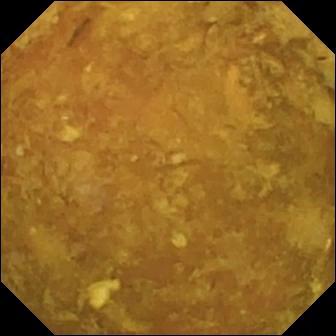{"modality": "capsule endoscopy", "segment": "small intestine", "category": "luminal finding", "finding": "reduced mucosal view (content or bubbles obscuring the mucosa)"}